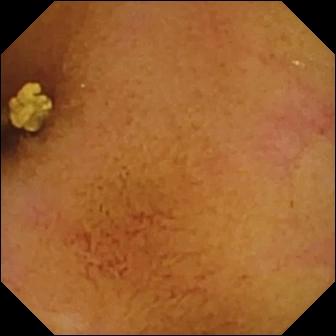WCE — normal clean mucosa.